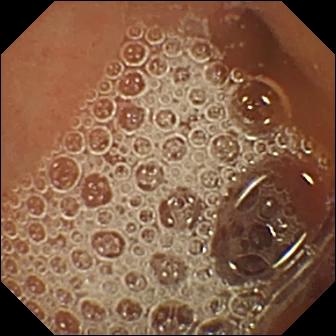Capsule endoscopy. Luminal finding. Label: normal clean mucosa.